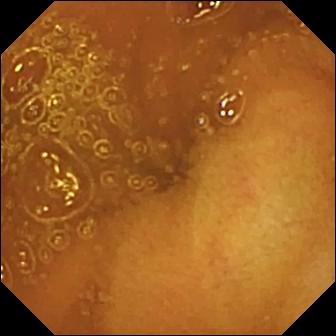Normal clean mucosa.